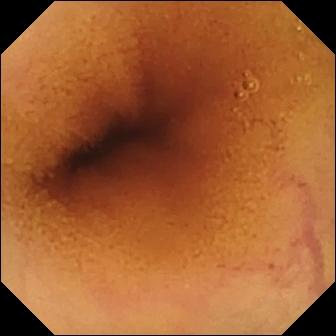PROCEDURE: WCE.
SEGMENT: Small intestine.
FINDINGS: Normal clean mucosa.